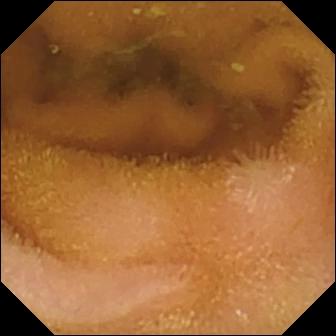Normal clean mucosa — VCE view of the small intestine.